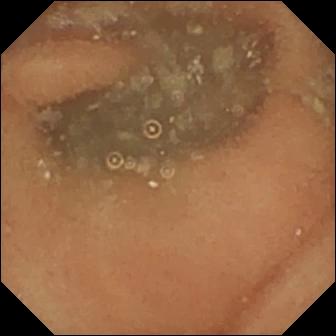- modality: WCE
- segment: small bowel
- impression: normal clean mucosa